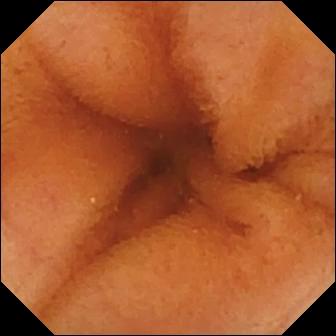WCE image, 336×336. Normal clean mucosa.